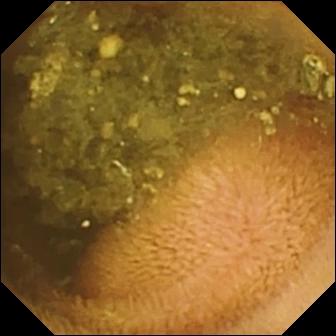{"modality": "small-bowel capsule endoscopy", "segment": "small intestine", "finding": "reduced mucosal view (content or bubbles obscuring the mucosa)"}